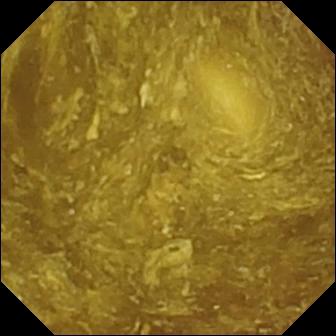WCE snapshot
Impression: reduced mucosal view (content or bubbles obscuring the mucosa)